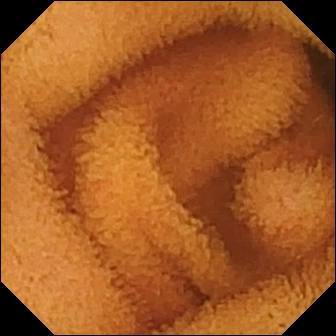PROCEDURE: VCE.
SEGMENT: Small bowel.
FINDINGS: Normal clean mucosa.